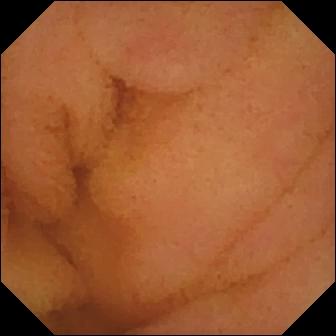Normal clean mucosa — video capsule endoscopy frame of the small bowel.